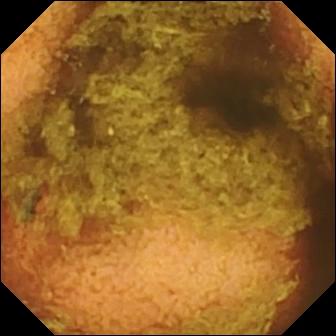Wireless capsule endoscopy still, small intestine
Impression: normal clean mucosa